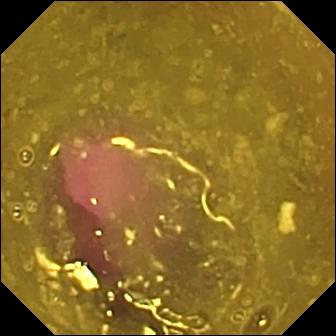modality: wireless capsule endoscopy
category: luminal finding
finding: reduced mucosal view (content or bubbles obscuring the mucosa)